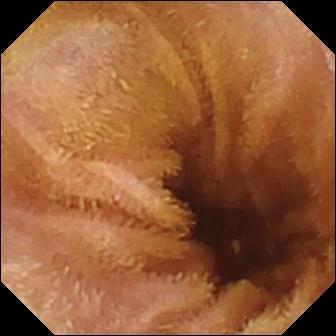PROCEDURE: VCE.
FINDINGS: Normal clean mucosa.